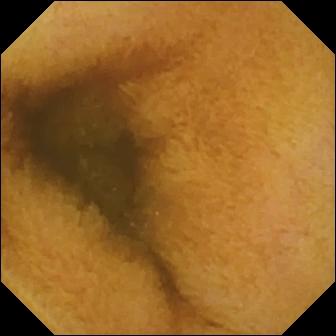{"modality": "wireless capsule endoscopy", "finding": "normal clean mucosa"}